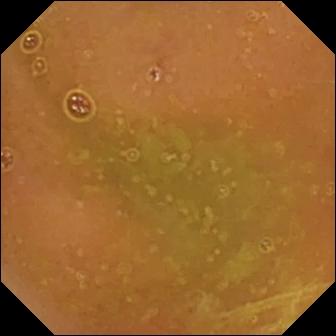WCE. Observation: normal clean mucosa.